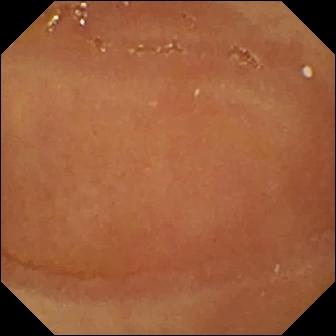PROCEDURE: Wireless capsule endoscopy.
SEGMENT: Small intestine.
FINDINGS: Normal clean mucosa.